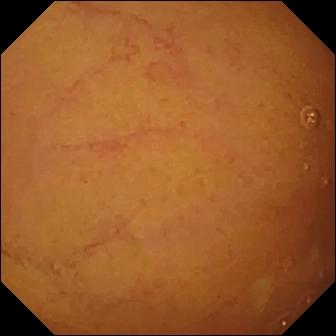PROCEDURE: Wireless capsule endoscopy.
FINDINGS: Normal clean mucosa.